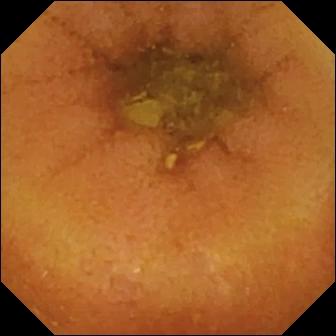Q: What does this video capsule endoscopy frame of the small bowel show?
A: Normal clean mucosa.